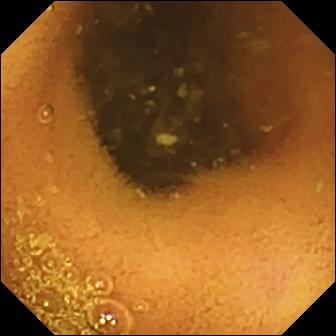Normal clean mucosa — small-bowel capsule endoscopy view.